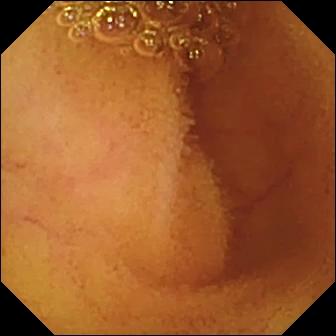Normal clean mucosa.